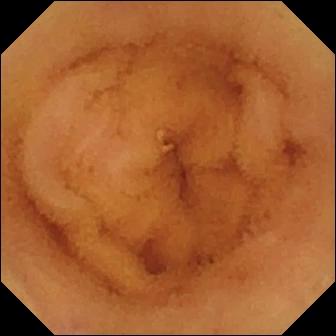Normal clean mucosa.